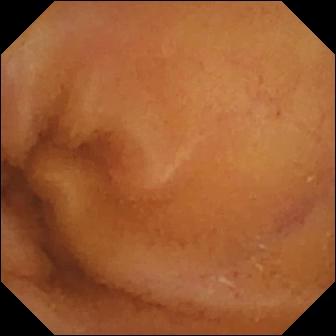Normal clean mucosa — video capsule endoscopy frame of the small intestine.